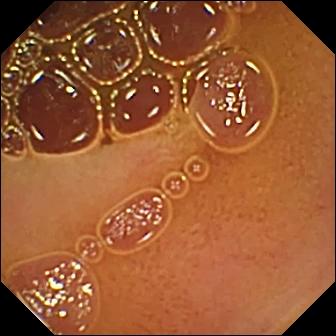Wireless capsule endoscopy view (small intestine). Normal clean mucosa.